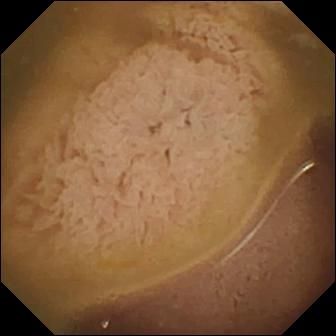Wireless capsule endoscopy. Video segment: ileo-cecal valve region.